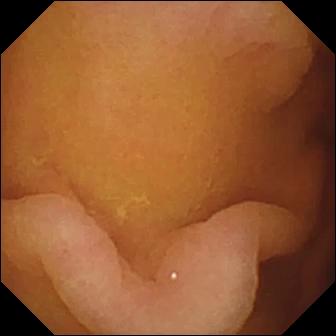modality: WCE
label: pylorus region